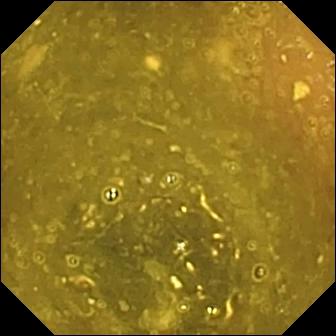WCE snapshot taken in the ileo-cecal valve region.